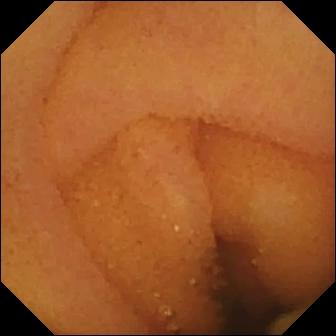VCE frame. Normal clean mucosa.